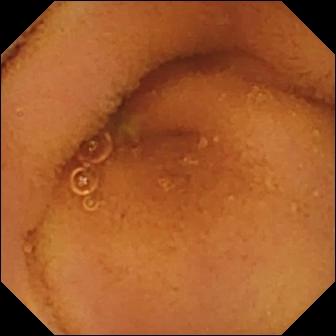Video capsule endoscopy — normal clean mucosa.